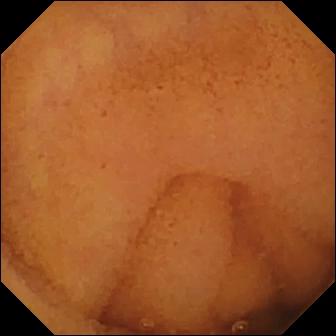{"modality": "VCE", "segment": "small bowel", "finding": "normal clean mucosa"}